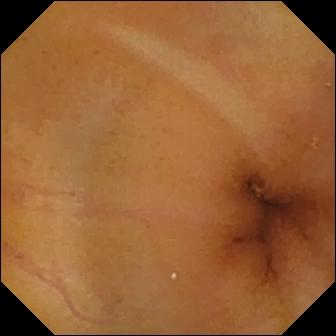Video capsule endoscopy view. Normal clean mucosa.